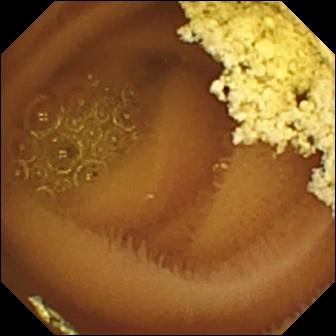Video capsule endoscopy frame (small bowel). Normal clean mucosa.